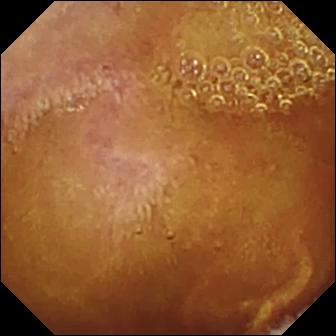Capsule endoscopy view, small bowel
Label: normal clean mucosa